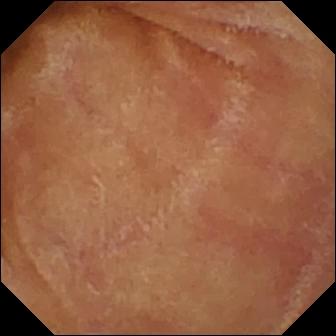Normal clean mucosa (336×336).